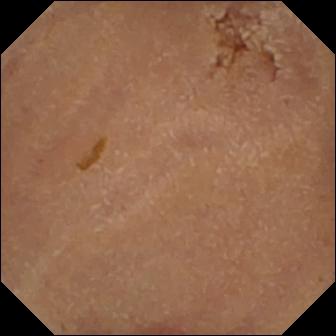modality: VCE
impression: normal clean mucosa